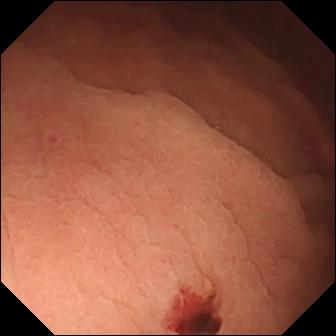Small-bowel capsule endoscopy still showing angiectasia.